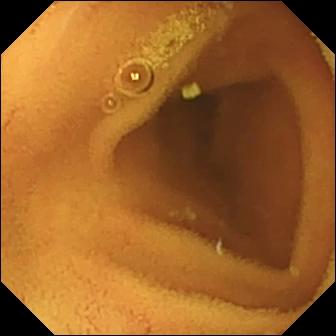Small-bowel capsule endoscopy. Observation: normal clean mucosa.